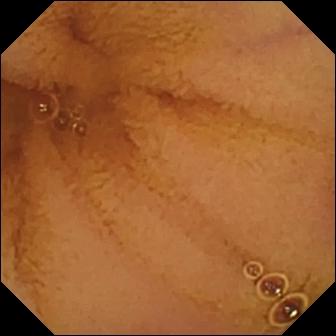PROCEDURE: VCE.
FINDINGS: Normal clean mucosa.